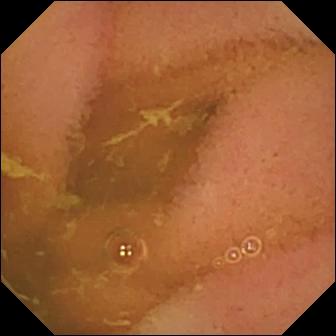Video capsule endoscopy snapshot (small intestine). Normal clean mucosa.